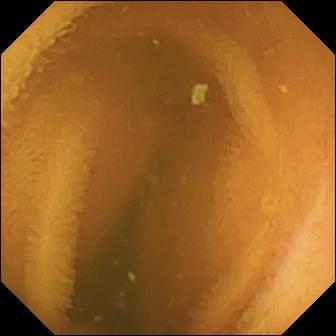- modality: small-bowel capsule endoscopy
- segment: small bowel
- label: normal clean mucosa